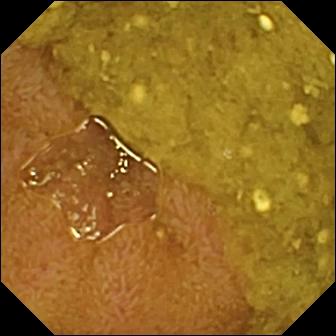Small-bowel capsule endoscopy. Label: ileo-cecal valve region.